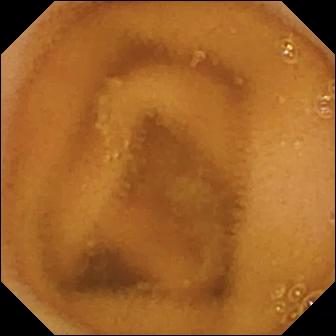This capsule endoscopy still shows normal clean mucosa.